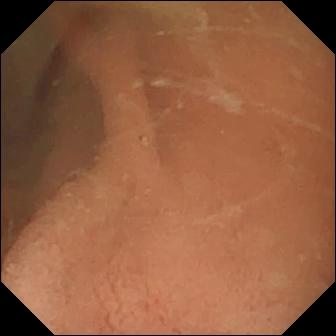Video capsule endoscopy still showing normal clean mucosa.